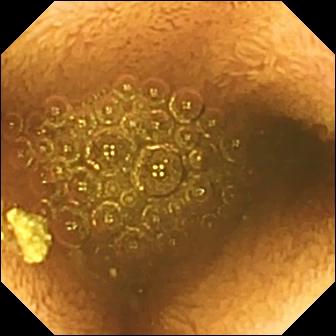{"modality": "WCE", "finding": "reduced mucosal view (content or bubbles obscuring the mucosa)"}